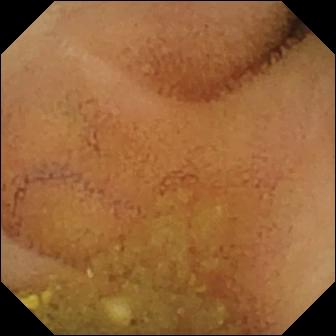Normal clean mucosa — video capsule endoscopy still of the small intestine.